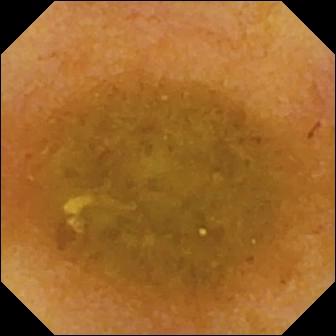VCE — reduced mucosal view (content or bubbles obscuring the mucosa).